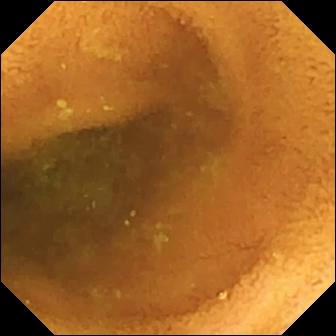- modality: video capsule endoscopy
- category: luminal finding
- observation: normal clean mucosa